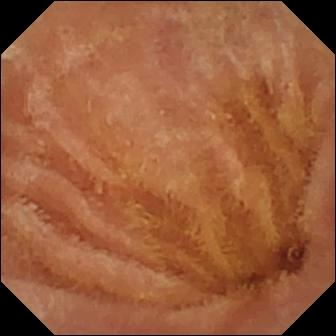Normal clean mucosa — small-bowel capsule endoscopy image of the small intestine.